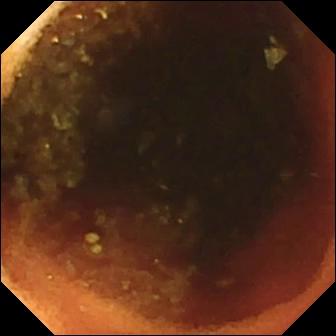This small-bowel capsule endoscopy frame was taken in the ileo-cecal valve region (where the capsule passes from the small bowel into the large bowel).